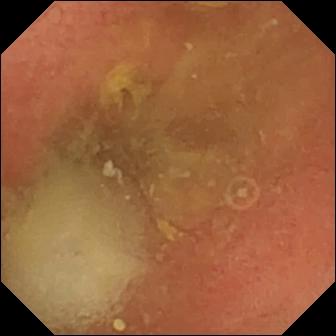Pylorus region (the junction between the stomach and the small bowel).